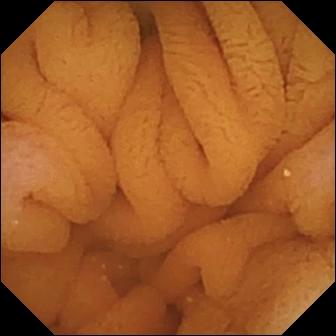Normal clean mucosa.